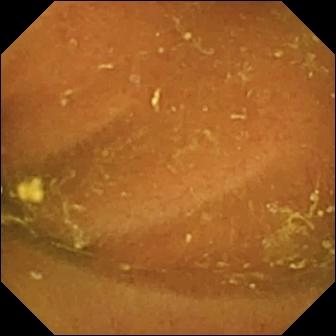WCE frame
Location: ileo-cecal valve region (where the capsule passes from the small bowel into the large bowel)